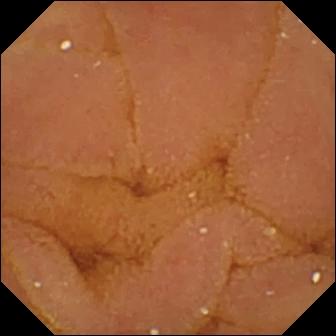PROCEDURE: WCE.
SEGMENT: Small intestine.
FINDINGS: Normal clean mucosa.